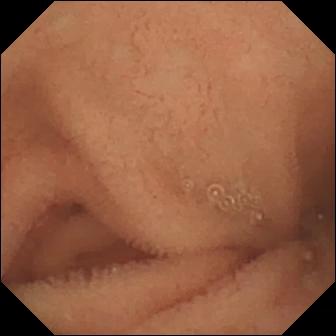PROCEDURE: Small-bowel capsule endoscopy.
FINDINGS: Normal clean mucosa.